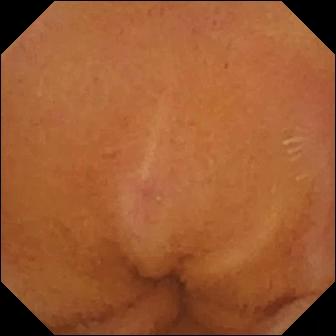PROCEDURE: VCE.
FINDINGS: Normal clean mucosa.